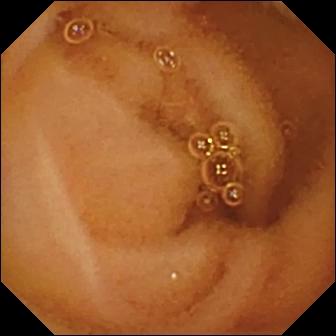{"modality": "small-bowel capsule endoscopy", "finding": "normal clean mucosa"}